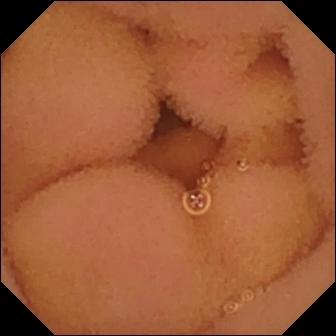VCE frame
Label: normal clean mucosa